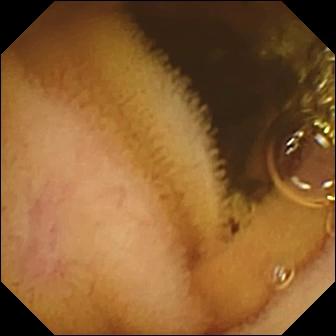This small-bowel capsule endoscopy image of the small bowel shows normal clean mucosa.